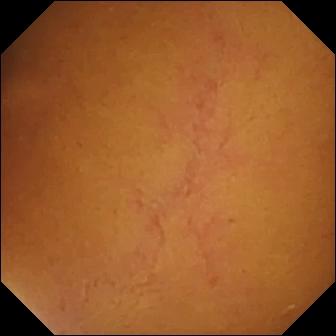Video capsule endoscopy image, small intestine
Observation: normal clean mucosa